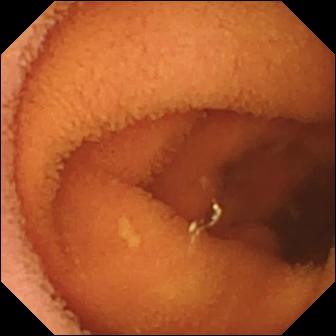{"modality": "VCE", "segment": "small bowel", "finding": "normal clean mucosa"}